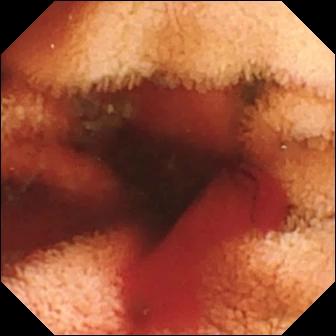{"modality": "VCE", "finding": "fresh blood in the lumen"}